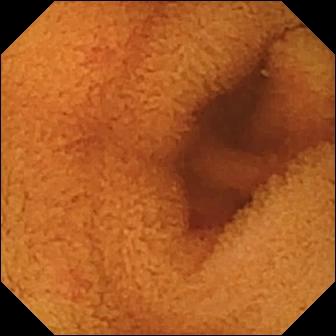This video capsule endoscopy image of the small bowel shows normal clean mucosa.